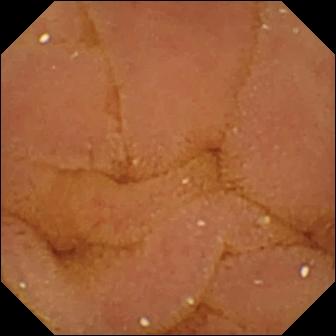Wireless capsule endoscopy. Finding: normal clean mucosa.